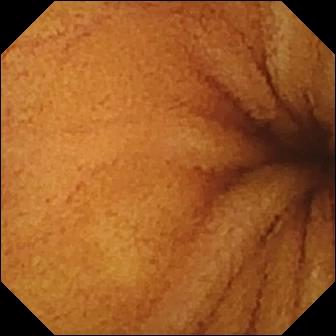- modality: VCE
- segment: small intestine
- impression: normal clean mucosa